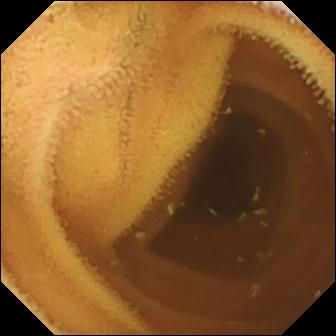modality: wireless capsule endoscopy; segment: small bowel; label: normal clean mucosa